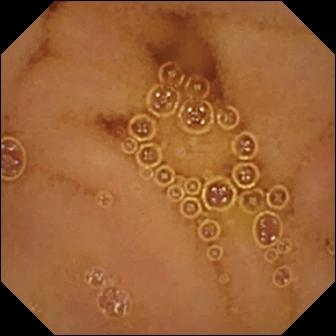Video capsule endoscopy. Small bowel. Luminal finding. Finding: normal clean mucosa.